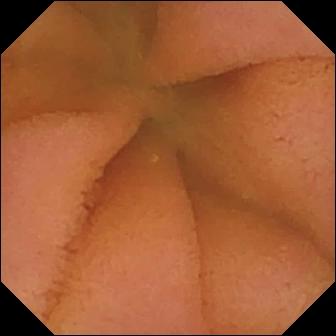Normal clean mucosa.